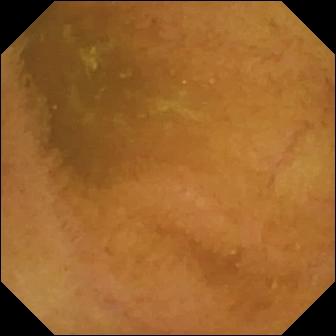This wireless capsule endoscopy still of the small bowel shows normal clean mucosa.